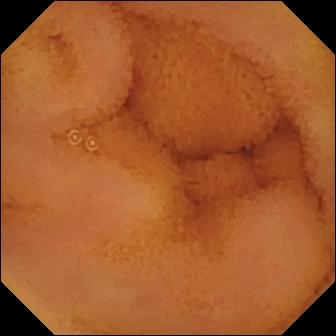Small-bowel capsule endoscopy view, small intestine
Finding: normal clean mucosa